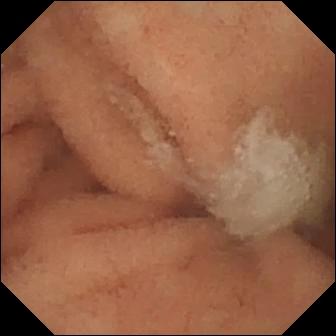- modality: VCE
- finding: normal clean mucosa